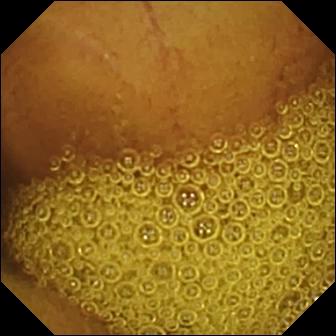PROCEDURE: Small-bowel capsule endoscopy.
SEGMENT: Small intestine.
FINDINGS: Normal clean mucosa.